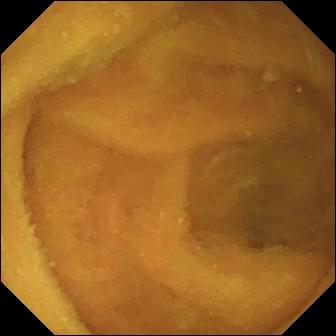Q: What does this small-bowel capsule endoscopy view of the small intestine show?
A: Normal clean mucosa.